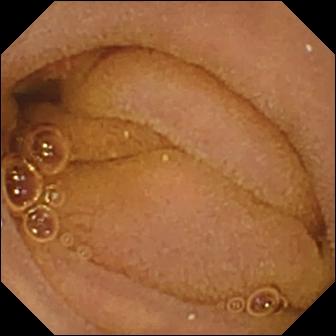This small-bowel capsule endoscopy snapshot of the small intestine shows normal clean mucosa.